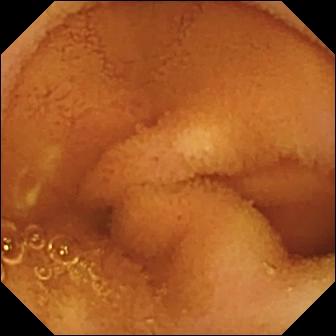VCE view showing normal clean mucosa.